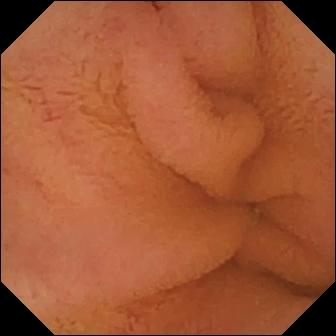Small-bowel capsule endoscopy view, small intestine
Finding: normal clean mucosa